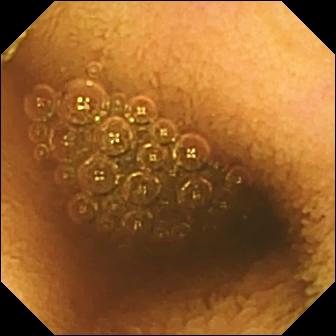Q: What does this wireless capsule endoscopy view show?
A: Reduced mucosal view (content or bubbles obscuring the mucosa).